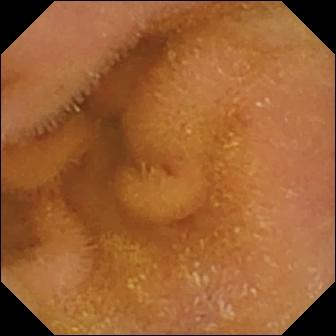VCE snapshot showing normal clean mucosa.